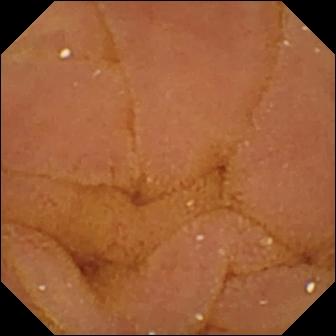{"modality": "small-bowel capsule endoscopy", "segment": "small bowel", "finding": "normal clean mucosa"}